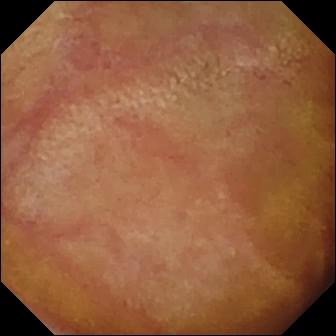Wireless capsule endoscopy — normal clean mucosa.